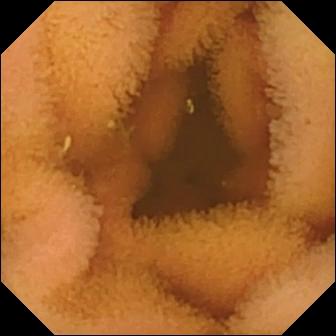Normal clean mucosa.